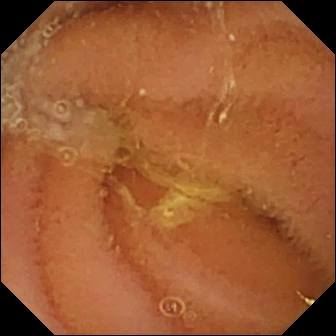- modality: wireless capsule endoscopy
- impression: normal clean mucosa